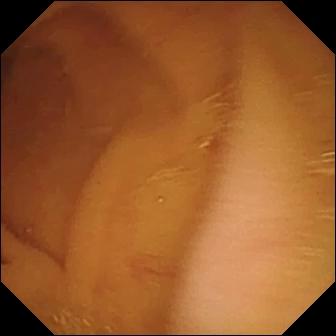Normal clean mucosa — video capsule endoscopy snapshot.